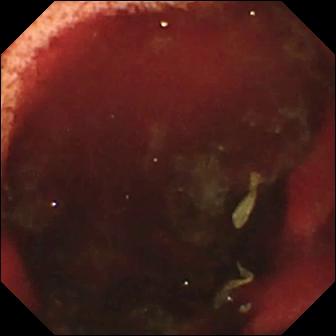Fresh blood in the lumen — WCE snapshot.